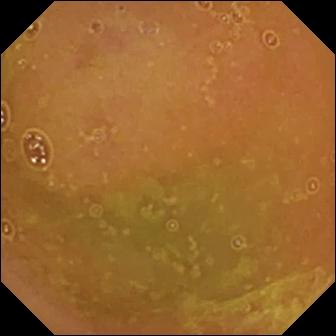This VCE image of the small bowel shows normal clean mucosa.